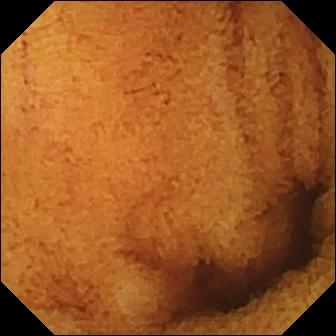Video capsule endoscopy — normal clean mucosa.